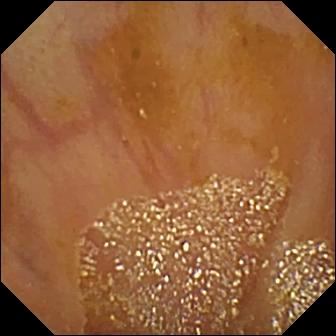This WCE snapshot was taken in the ileo-cecal valve region.